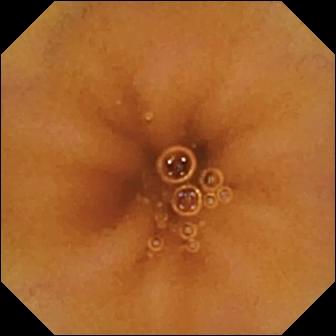Video capsule endoscopy frame (small intestine), 336×336. Normal clean mucosa.